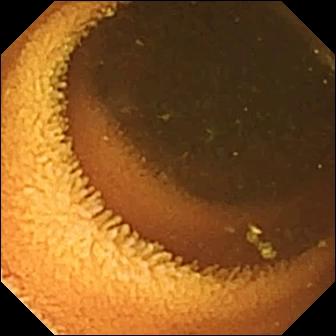Q: What does this video capsule endoscopy snapshot show?
A: Normal clean mucosa.